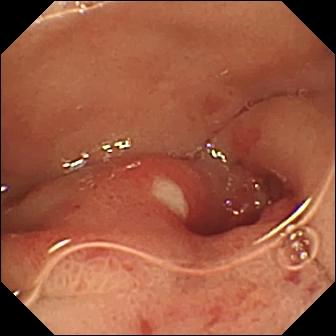{"modality": "VCE", "finding": "ulcer"}